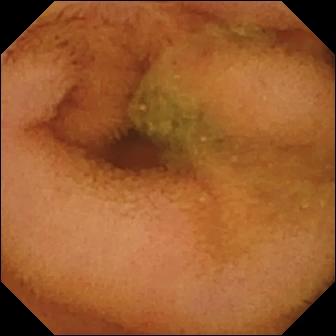{"modality": "video capsule endoscopy", "segment": "small bowel", "category": "luminal finding", "finding": "normal clean mucosa"}